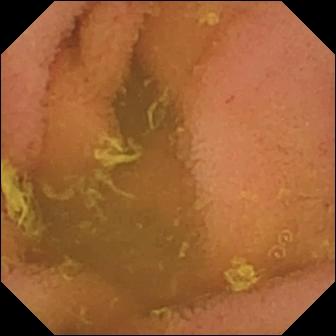Small-bowel capsule endoscopy frame
Label: normal clean mucosa